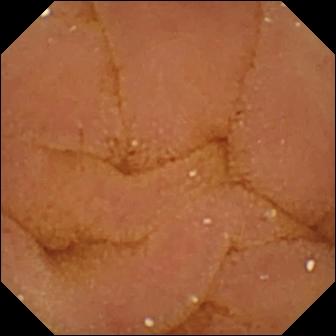Normal clean mucosa.